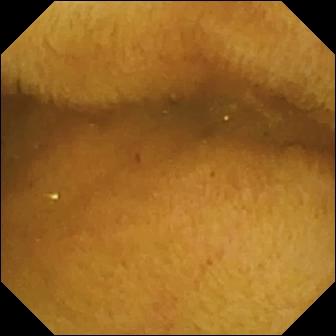VCE — normal clean mucosa.